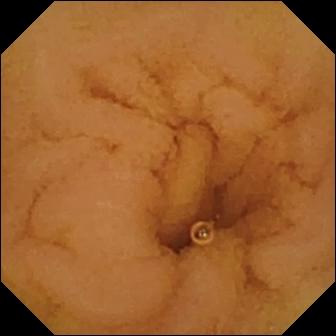PROCEDURE: Wireless capsule endoscopy.
FINDINGS: Normal clean mucosa.